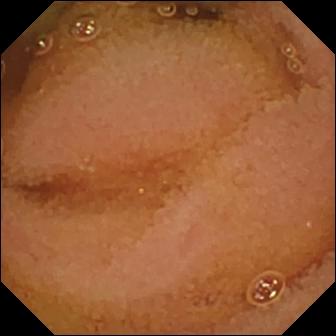{"modality": "video capsule endoscopy", "segment": "small bowel", "finding": "normal clean mucosa"}